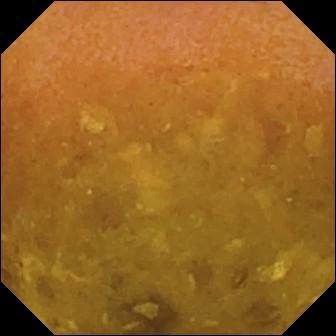WCE — reduced mucosal view (content or bubbles obscuring the mucosa).